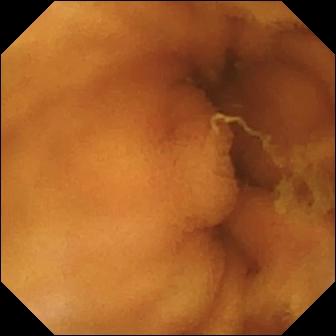Capsule endoscopy. Luminal finding. Impression: normal clean mucosa.